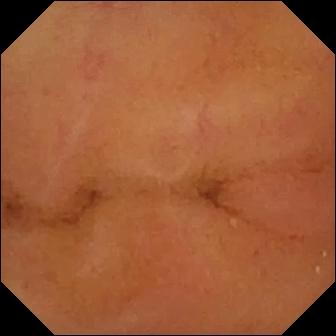modality: small-bowel capsule endoscopy | observation: normal clean mucosa